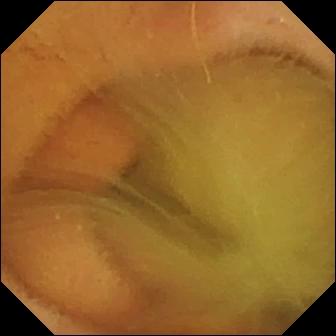{"modality": "small-bowel capsule endoscopy", "segment": "small intestine", "finding": "normal clean mucosa"}